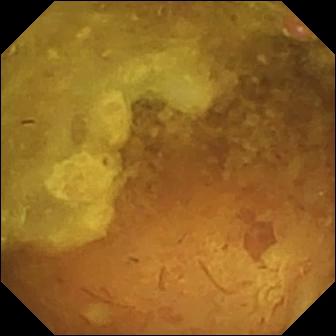- modality: VCE
- segment: small intestine
- finding: reduced mucosal view (content or bubbles obscuring the mucosa)